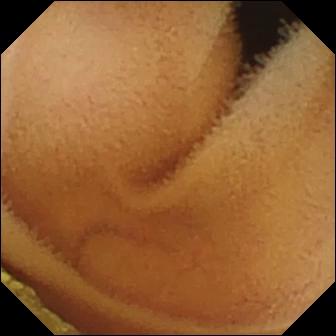Small-bowel capsule endoscopy. Small intestine. Luminal finding. Impression: normal clean mucosa.